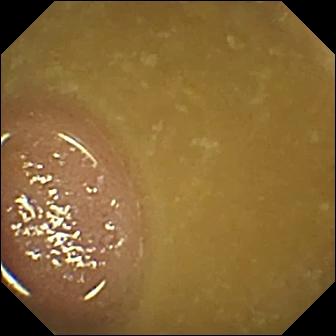This wireless capsule endoscopy snapshot was taken in the ileo-cecal valve region.